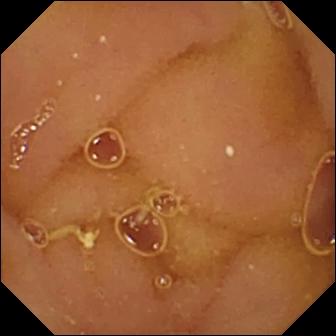WCE image
Finding: normal clean mucosa